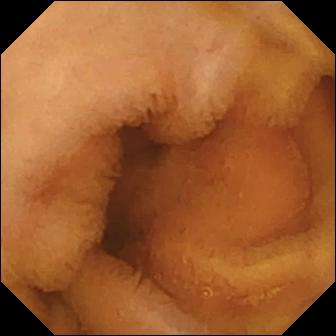PROCEDURE: Capsule endoscopy.
FINDINGS: Normal clean mucosa.